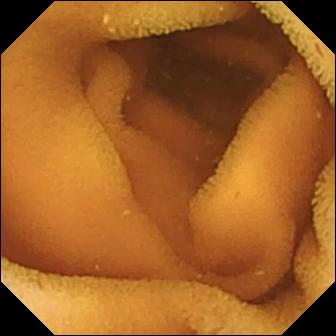- modality: capsule endoscopy
- observation: normal clean mucosa